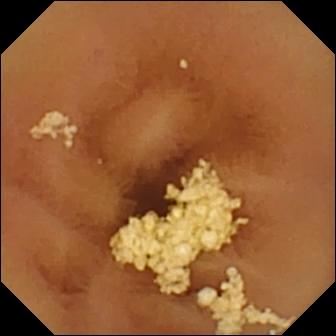- modality: WCE
- segment: small intestine
- label: normal clean mucosa